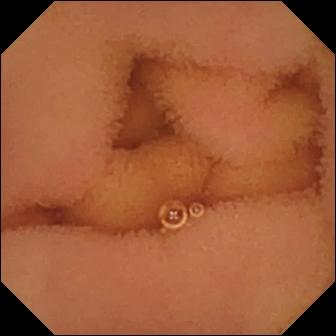{"modality": "capsule endoscopy", "finding": "normal clean mucosa"}